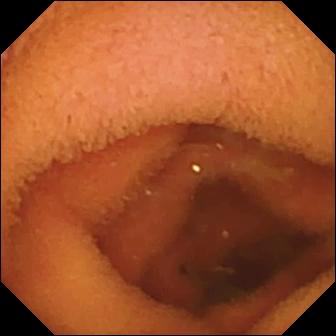WCE image (small intestine). Normal clean mucosa.